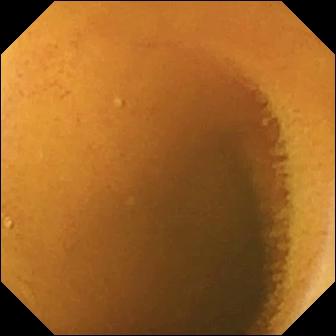VCE — normal clean mucosa.